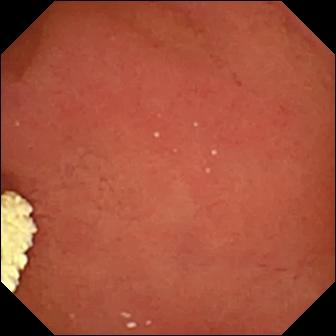- modality: WCE
- category: anatomical landmark
- video segment: pylorus region (where the capsule passes from the stomach into the small bowel)